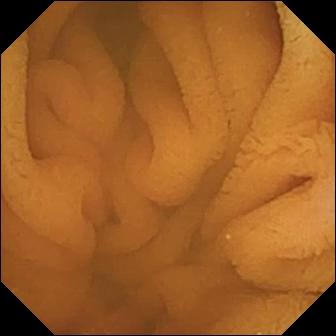Video capsule endoscopy. Luminal finding. Finding: normal clean mucosa.